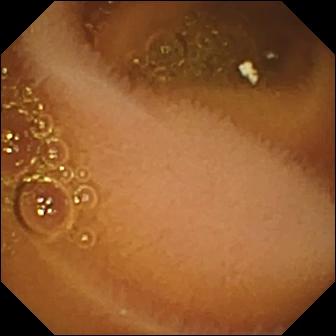modality: small-bowel capsule endoscopy; finding: normal clean mucosa